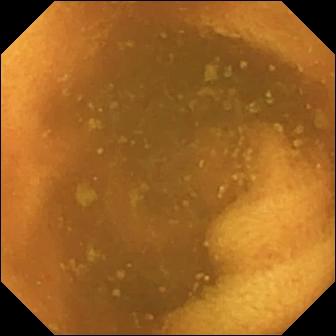- modality: VCE
- segment: small intestine
- category: luminal finding
- label: normal clean mucosa